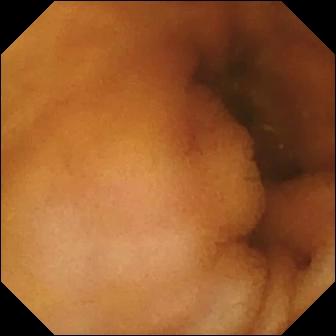modality: small-bowel capsule endoscopy; category: luminal finding; impression: normal clean mucosa